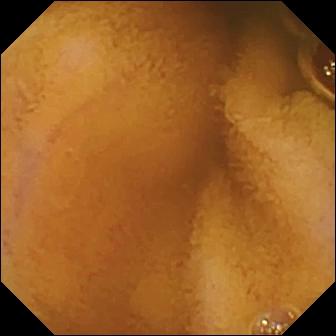Normal clean mucosa — VCE snapshot.